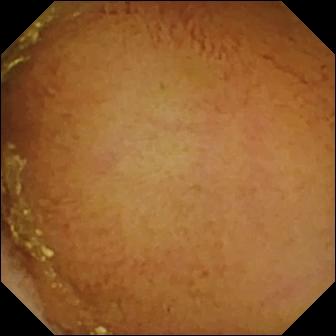{"modality": "WCE", "finding": "normal clean mucosa"}